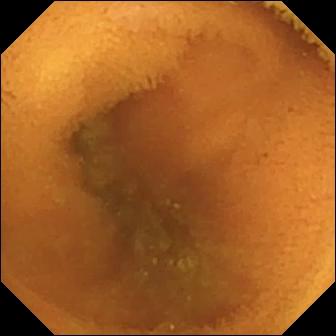Small-bowel capsule endoscopy. Small bowel. Impression: normal clean mucosa.